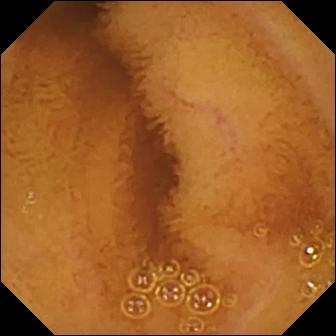{"modality": "small-bowel capsule endoscopy", "segment": "small intestine", "category": "luminal finding", "finding": "normal clean mucosa"}